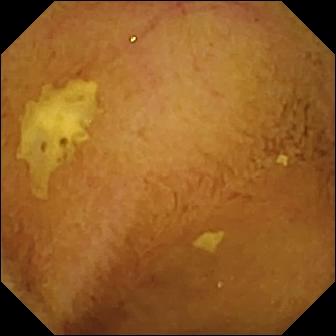Wireless capsule endoscopy image showing normal clean mucosa.